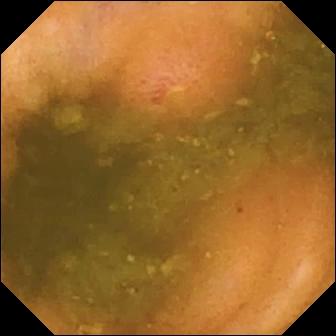This WCE image shows erosion.